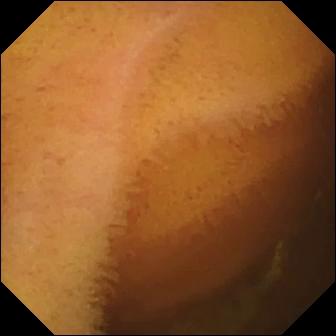Normal clean mucosa (336×336).